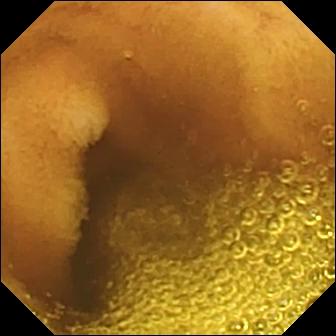Small-bowel capsule endoscopy — normal clean mucosa.